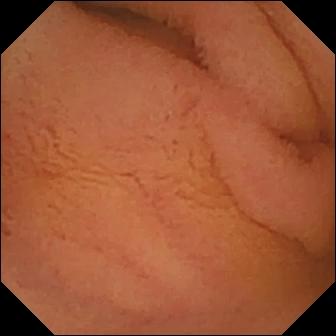- modality: capsule endoscopy
- segment: small bowel
- observation: normal clean mucosa